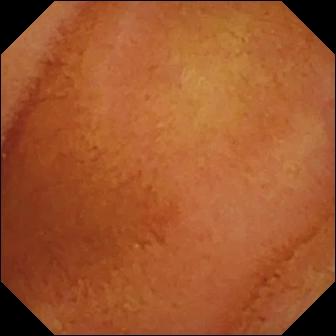Small-bowel capsule endoscopy — normal clean mucosa.